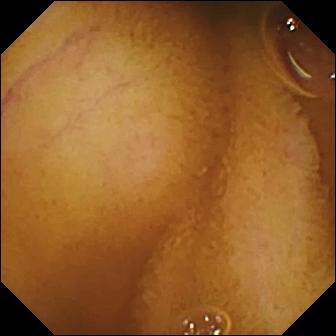Q: What does this WCE frame of the small intestine show?
A: Normal clean mucosa.